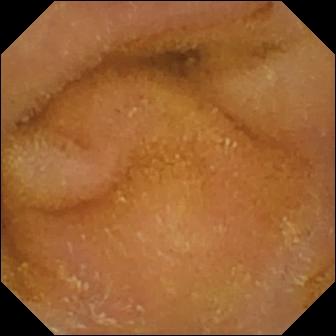{"modality": "video capsule endoscopy", "category": "luminal finding", "finding": "normal clean mucosa"}